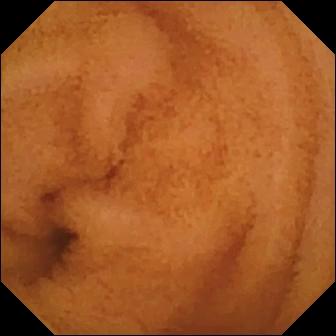Normal clean mucosa.